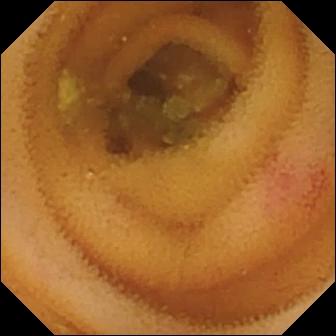This video capsule endoscopy snapshot shows angiectasia.